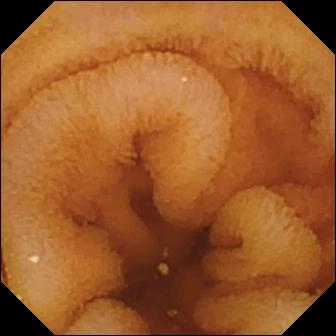- modality: wireless capsule endoscopy
- segment: small bowel
- category: luminal finding
- observation: normal clean mucosa